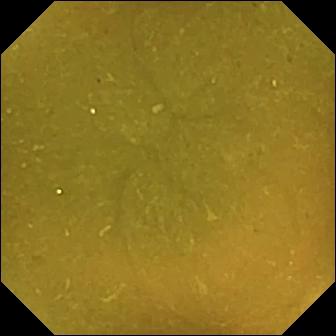PROCEDURE: Capsule endoscopy.
POSITION: Ileo-cecal valve region.